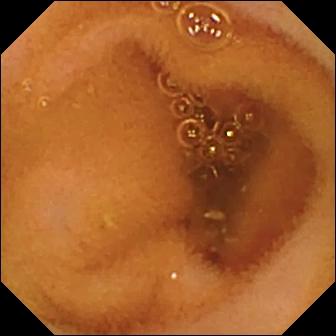modality: wireless capsule endoscopy; segment: small intestine; category: luminal finding; impression: normal clean mucosa